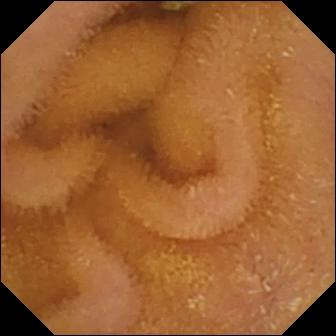{"modality": "VCE", "finding": "normal clean mucosa"}